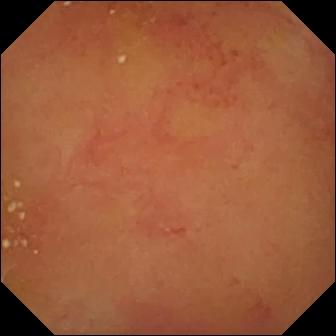- modality: wireless capsule endoscopy
- category: luminal finding
- observation: normal clean mucosa